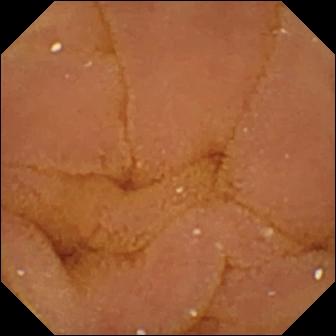Wireless capsule endoscopy view (small intestine), 336×336. Normal clean mucosa.